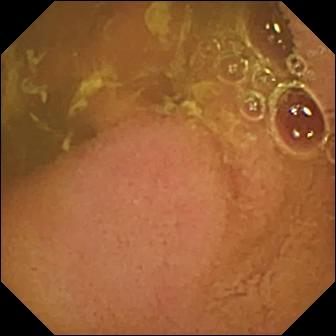VCE view (small bowel). Normal clean mucosa.